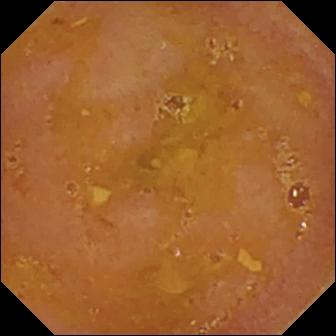Reduced mucosal view (content or bubbles obscuring the mucosa).